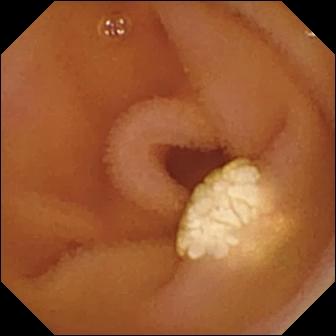Lymphangiectasia — video capsule endoscopy still.